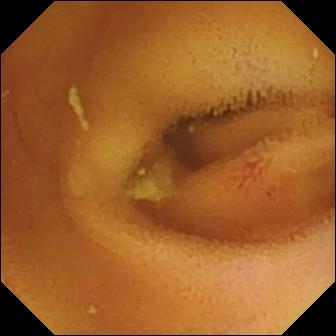Angiectasia — video capsule endoscopy still.